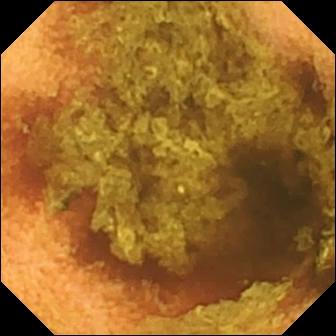WCE view
Impression: normal clean mucosa